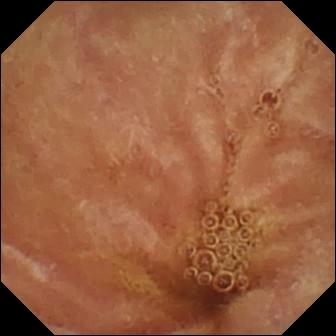VCE snapshot showing normal clean mucosa.